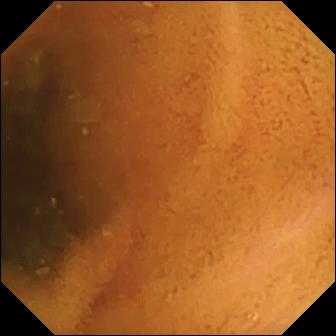Video capsule endoscopy — normal clean mucosa.